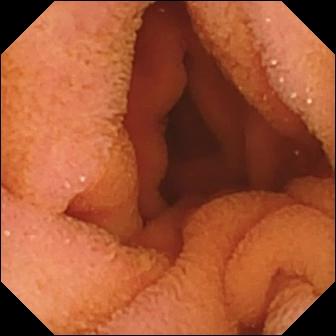WCE. Small bowel. Luminal finding. Finding: normal clean mucosa.